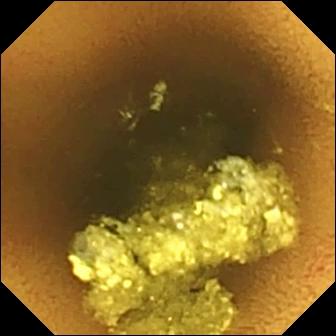Normal clean mucosa.